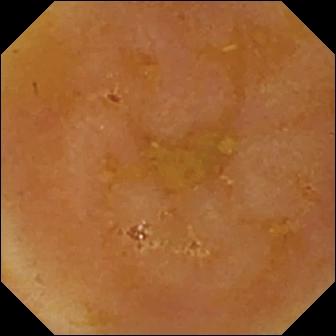modality: WCE; category: luminal finding; impression: reduced mucosal view (content or bubbles obscuring the mucosa)